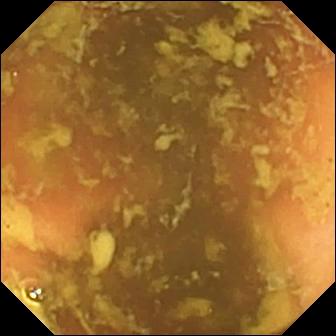Video capsule endoscopy. Position: ileo-cecal valve region (where the capsule passes from the small bowel into the large bowel).